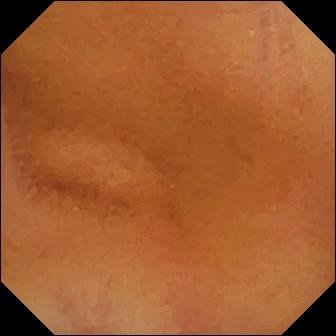Q: What does this small-bowel capsule endoscopy snapshot of the small intestine show?
A: Normal clean mucosa.